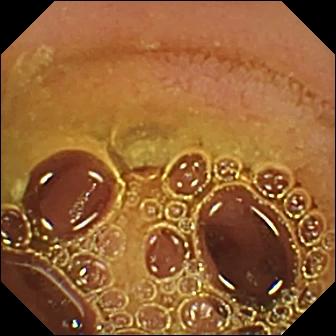PROCEDURE: Small-bowel capsule endoscopy.
FINDINGS: Normal clean mucosa.